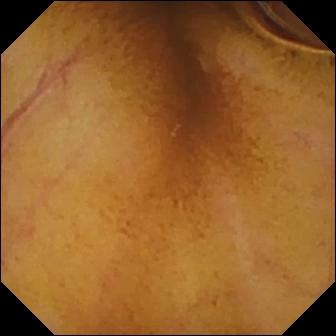Normal clean mucosa.